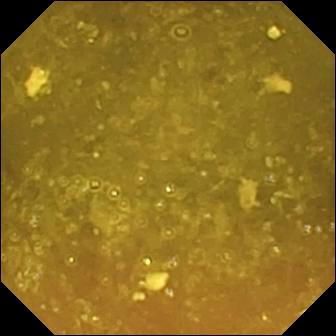Reduced mucosal view (content or bubbles obscuring the mucosa) — video capsule endoscopy view.